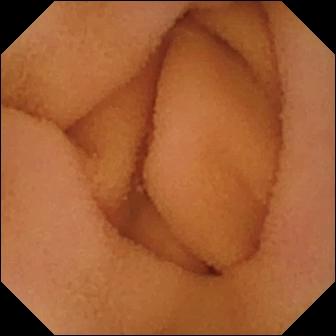Normal clean mucosa — video capsule endoscopy view.